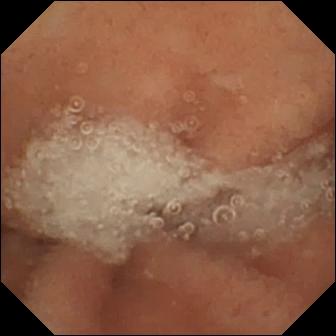WCE. Luminal finding. Finding: normal clean mucosa.